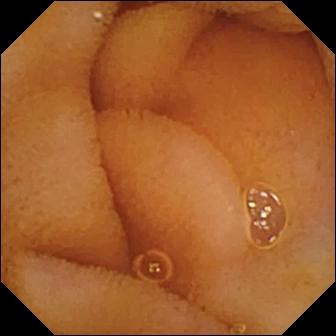WCE — normal clean mucosa.